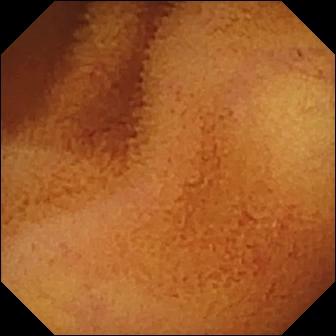PROCEDURE: VCE.
SEGMENT: Small intestine.
FINDINGS: Normal clean mucosa.